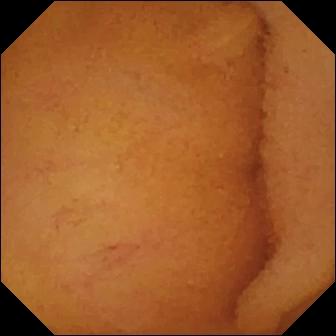Video capsule endoscopy snapshot (small bowel). Normal clean mucosa.